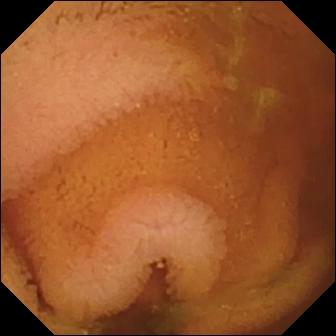Capsule endoscopy view showing normal clean mucosa.